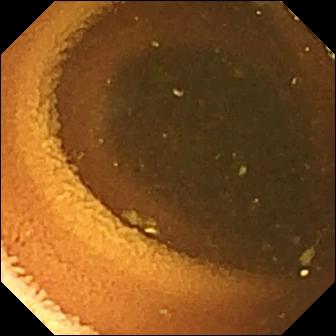modality: video capsule endoscopy; finding: normal clean mucosa